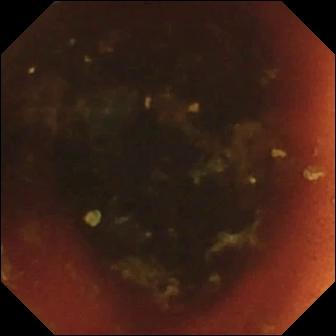PROCEDURE: Video capsule endoscopy.
LOCATION: Ileo-cecal valve region (where the capsule passes from the small bowel into the large bowel).